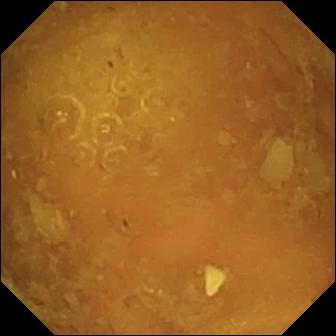This WCE still shows reduced mucosal view (content or bubbles obscuring the mucosa).